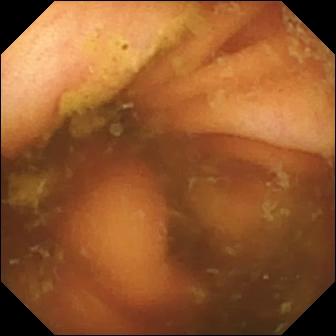Capsule endoscopy frame. Taken in the ileo-cecal valve region.